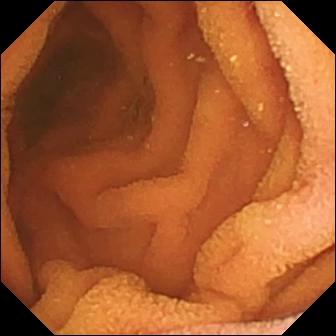- modality: capsule endoscopy
- observation: normal clean mucosa